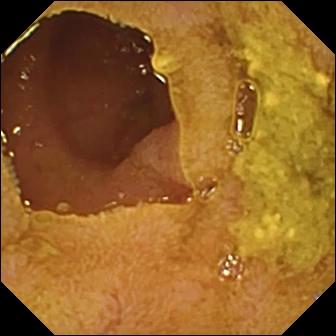WCE frame taken in the ileo-cecal valve region (where the capsule passes from the small bowel into the large bowel).